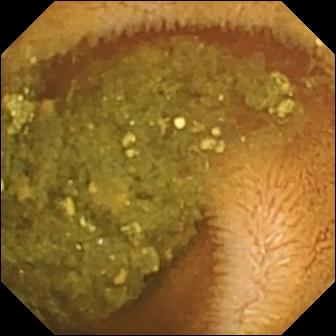Wireless capsule endoscopy. Small intestine. Impression: reduced mucosal view (content or bubbles obscuring the mucosa).